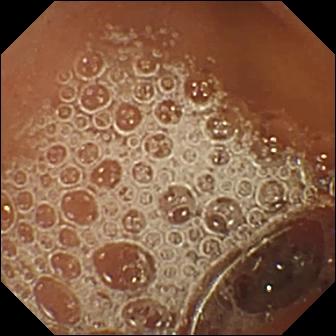WCE — normal clean mucosa.